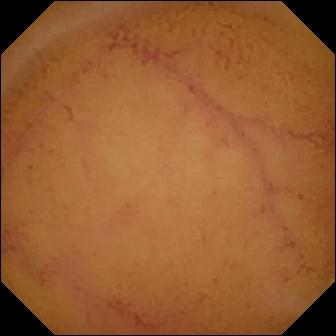- modality: wireless capsule endoscopy
- label: normal clean mucosa